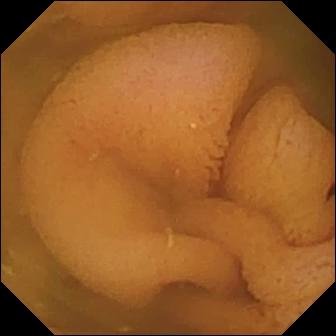- modality: capsule endoscopy
- category: luminal finding
- finding: normal clean mucosa